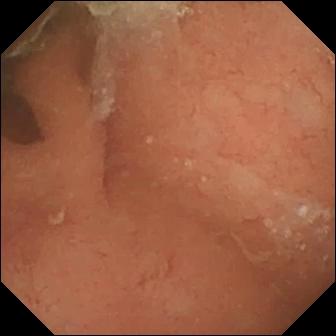Video capsule endoscopy — normal clean mucosa.